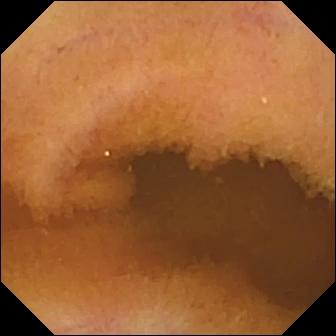Wireless capsule endoscopy — normal clean mucosa.